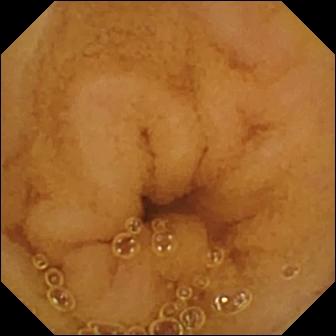Video capsule endoscopy view, small intestine
Observation: normal clean mucosa